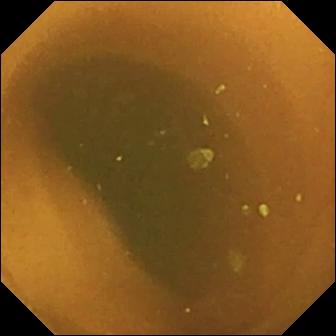This WCE snapshot of the small bowel shows normal clean mucosa.